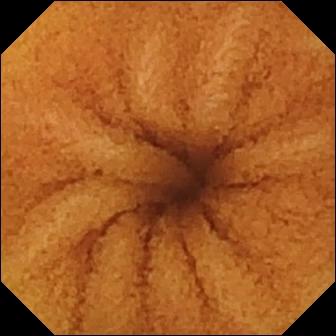VCE — normal clean mucosa.